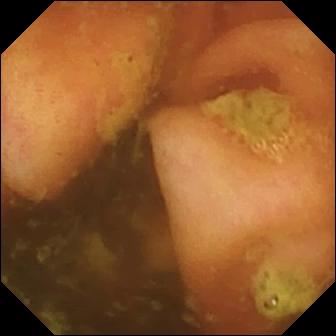modality: small-bowel capsule endoscopy | video segment: ileo-cecal valve region (the transition from the small bowel to the large bowel)